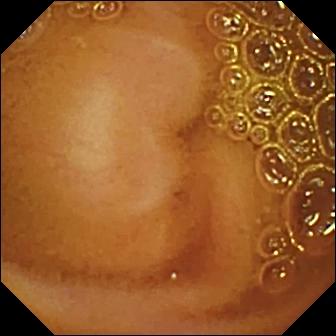Q: What does this small-bowel capsule endoscopy frame of the small bowel show?
A: Normal clean mucosa.